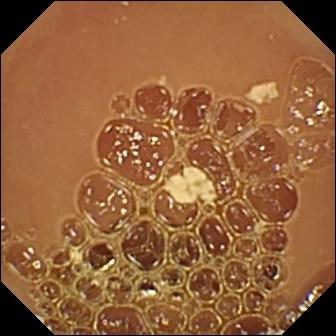Capsule endoscopy still, small bowel
Impression: normal clean mucosa